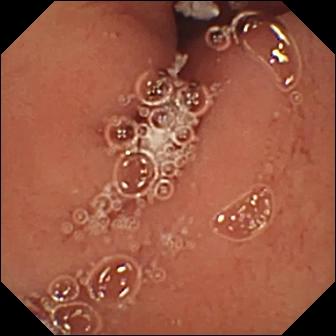Q: Where in the digestive tract was this wireless capsule endoscopy snapshot taken?
A: Pylorus region.